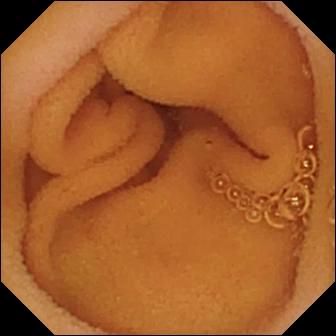Video capsule endoscopy. Label: normal clean mucosa.